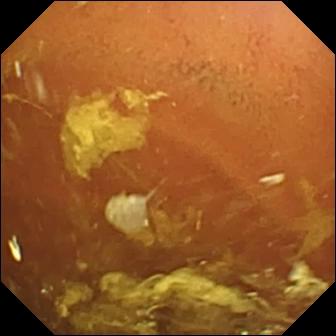- modality: video capsule endoscopy
- segment: small bowel
- observation: normal clean mucosa